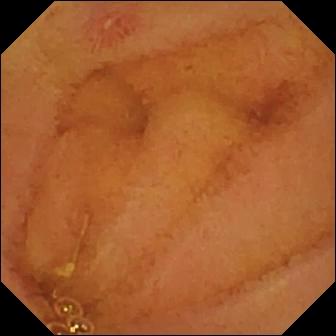Erosion.